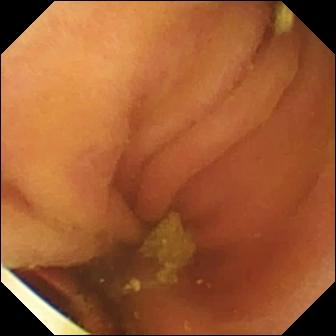Small-bowel capsule endoscopy. Luminal finding. Impression: foreign body (e.g. retained capsule, tablet residue).